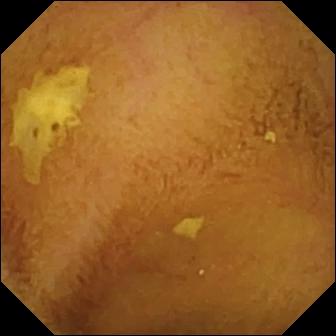Q: What does this video capsule endoscopy frame show?
A: Normal clean mucosa.